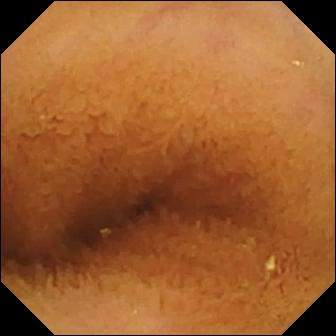Capsule endoscopy snapshot, small intestine
Impression: normal clean mucosa